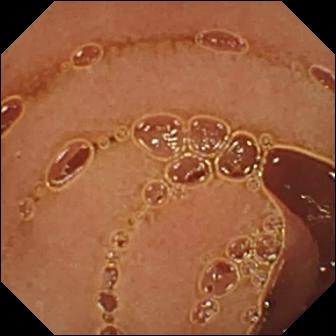Q: What does this video capsule endoscopy view show?
A: Normal clean mucosa.